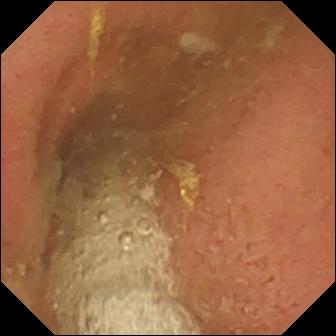- modality: wireless capsule endoscopy
- video segment: pylorus region (where the capsule passes from the stomach into the small bowel)